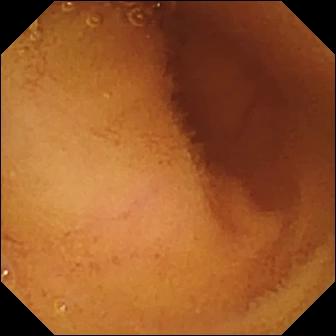Normal clean mucosa — WCE image of the small intestine.